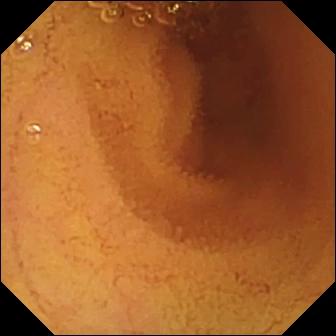- modality: video capsule endoscopy
- label: normal clean mucosa